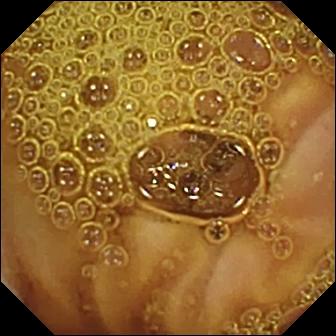WCE image of the small bowel showing normal clean mucosa.